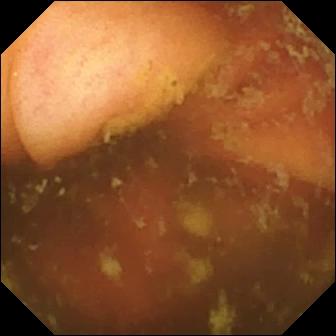This WCE image was taken in the ileo-cecal valve region.